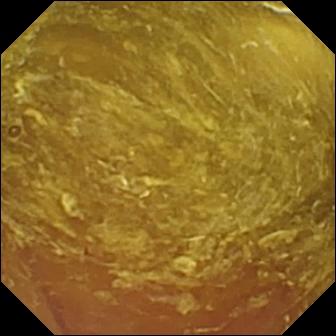{"modality": "video capsule endoscopy", "segment": "small bowel", "category": "luminal finding", "finding": "reduced mucosal view (content or bubbles obscuring the mucosa)"}